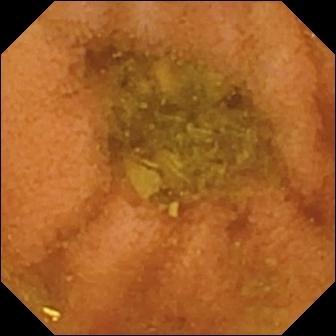Wireless capsule endoscopy frame (small intestine), 336×336. Normal clean mucosa.